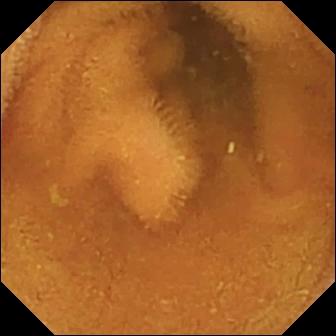VCE frame of the small bowel showing normal clean mucosa.